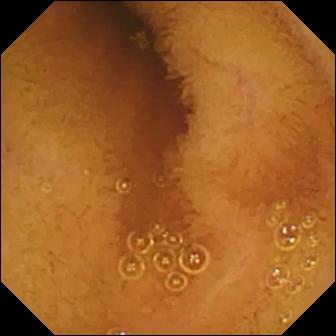This small-bowel capsule endoscopy still shows normal clean mucosa.